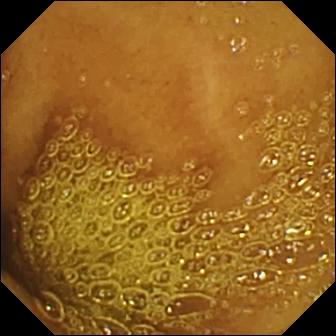Normal clean mucosa (336×336).